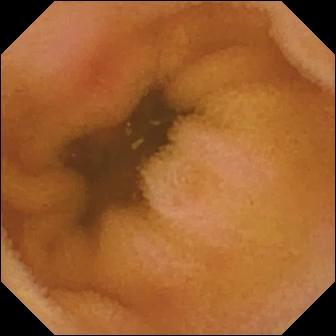This video capsule endoscopy snapshot shows erythema (mucosal redness).